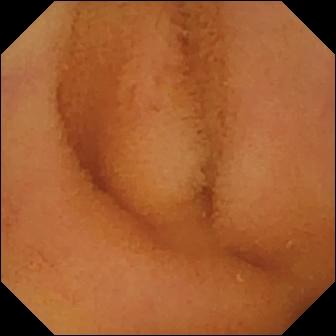{"modality": "VCE", "segment": "small bowel", "finding": "normal clean mucosa"}